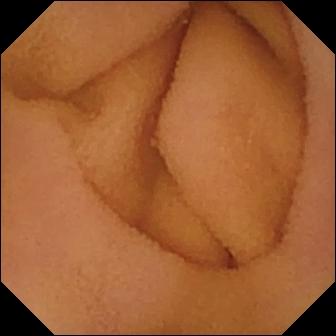Wireless capsule endoscopy view. Normal clean mucosa.